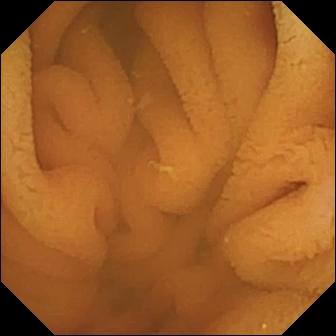Wireless capsule endoscopy still
Finding: normal clean mucosa